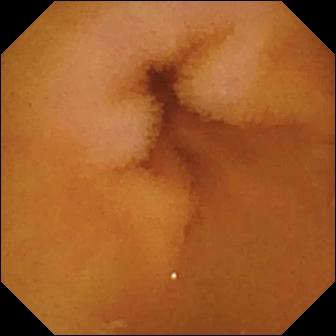Q: What does this wireless capsule endoscopy frame of the small bowel show?
A: Normal clean mucosa.